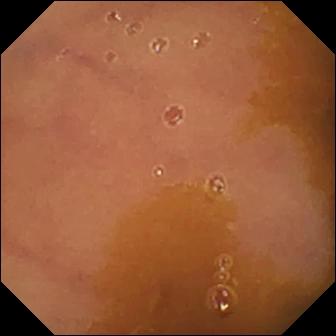Q: What does this video capsule endoscopy still of the small intestine show?
A: Normal clean mucosa.